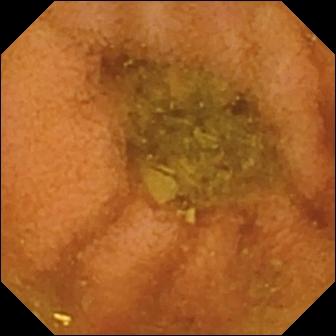VCE — normal clean mucosa.